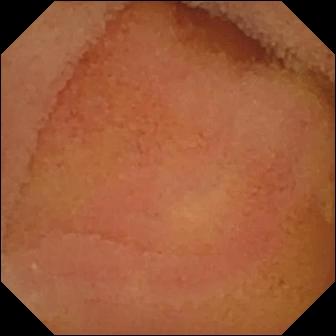WCE — normal clean mucosa.